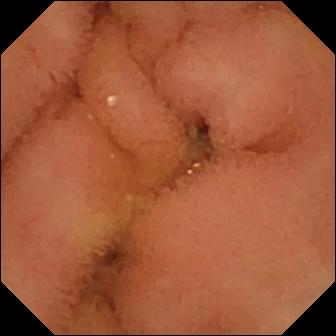Q: What does this capsule endoscopy still of the small intestine show?
A: Normal clean mucosa.